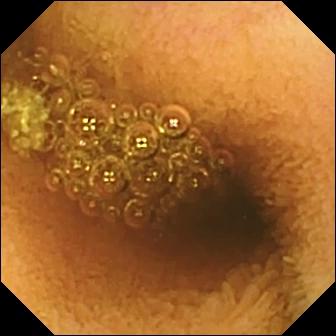- modality: WCE
- segment: small intestine
- observation: reduced mucosal view (content or bubbles obscuring the mucosa)